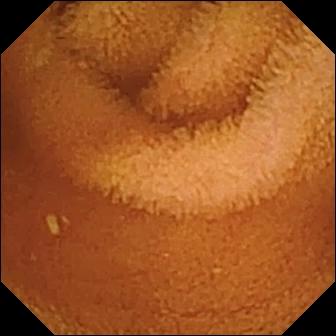Q: What does this capsule endoscopy view show?
A: Normal clean mucosa.